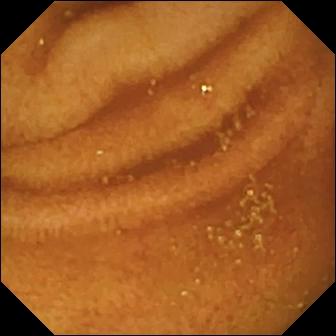{"modality": "WCE", "segment": "small intestine", "finding": "normal clean mucosa"}